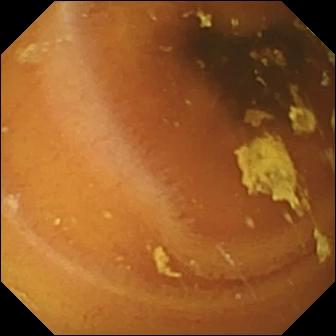- modality: VCE
- segment: small intestine
- finding: normal clean mucosa